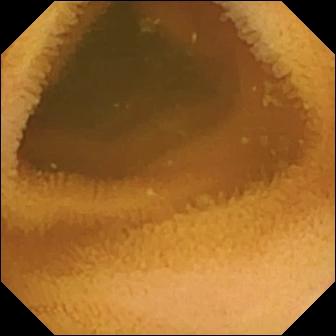Normal clean mucosa — video capsule endoscopy snapshot.